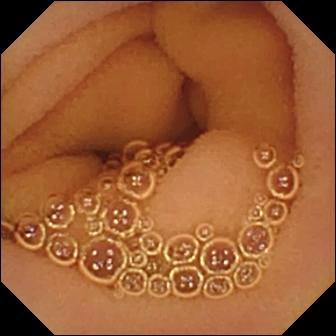modality: capsule endoscopy
category: luminal finding
observation: normal clean mucosa